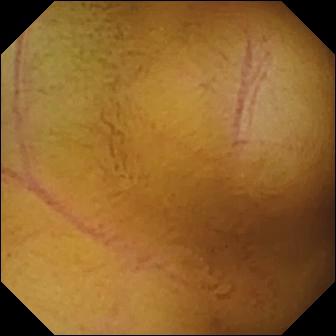Normal clean mucosa — capsule endoscopy snapshot of the small intestine.